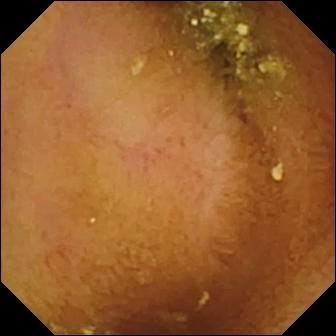WCE. Luminal finding. Observation: normal clean mucosa.